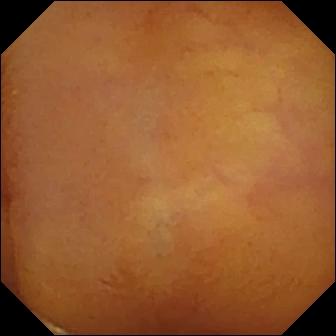Small-bowel capsule endoscopy — normal clean mucosa.